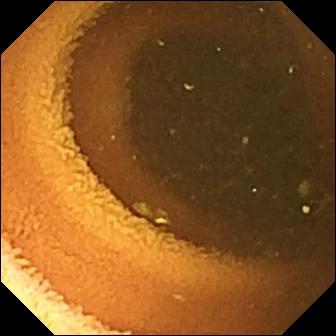Normal clean mucosa.